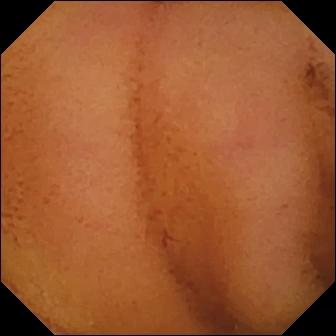PROCEDURE: Small-bowel capsule endoscopy.
SEGMENT: Small bowel.
FINDINGS: Normal clean mucosa.